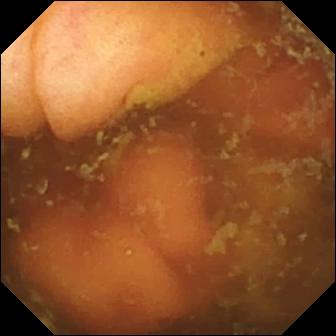Small-bowel capsule endoscopy frame
Label: ileo-cecal valve region (the transition from the small bowel to the large bowel)